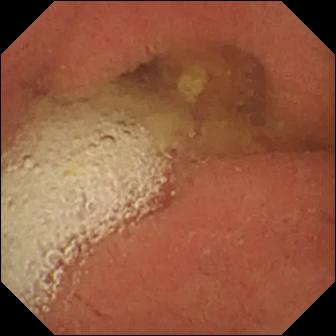modality: WCE
location: pylorus region (the junction between the stomach and the small bowel)